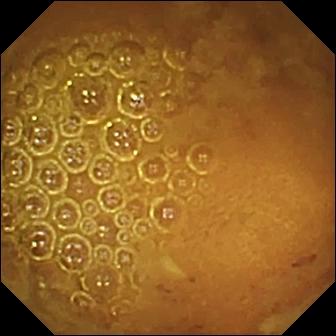Reduced mucosal view (content or bubbles obscuring the mucosa).